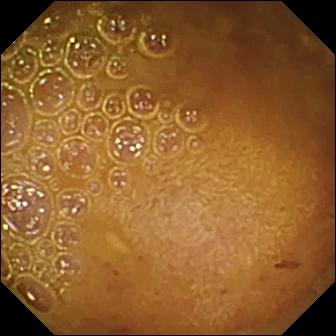{"modality": "VCE", "segment": "small intestine", "finding": "reduced mucosal view (content or bubbles obscuring the mucosa)"}